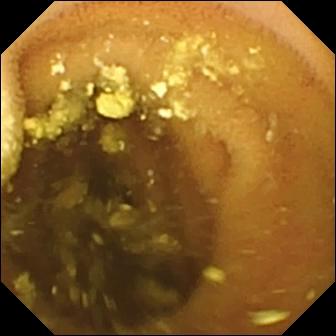WCE. Observation: lymphangiectasia.